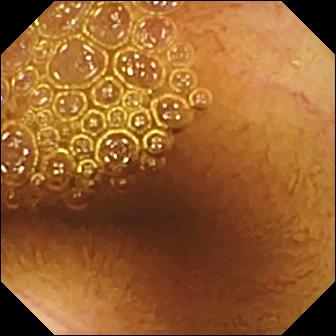modality: VCE | impression: normal clean mucosa